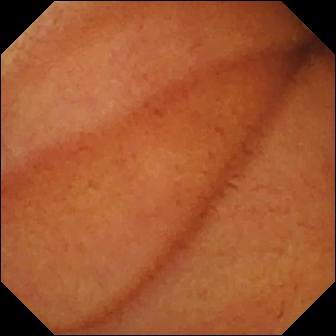Small-bowel capsule endoscopy image showing normal clean mucosa.